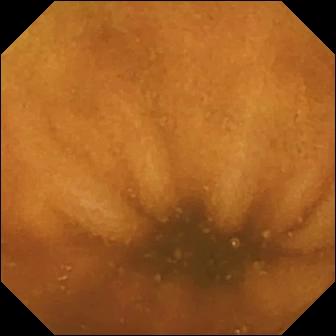Small-bowel capsule endoscopy. Impression: normal clean mucosa.